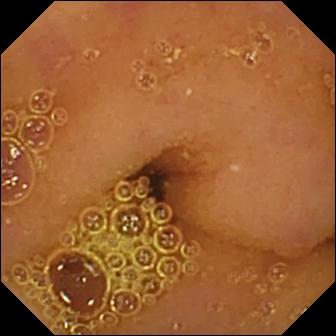Q: What does this wireless capsule endoscopy view show?
A: Normal clean mucosa.